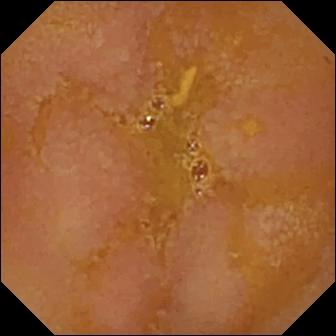PROCEDURE: Video capsule endoscopy.
FINDINGS: Reduced mucosal view (content or bubbles obscuring the mucosa).